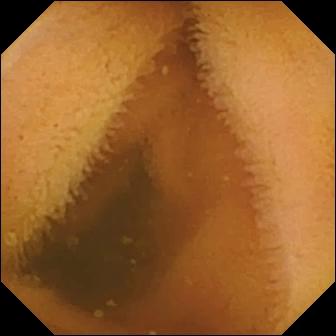- modality: wireless capsule endoscopy
- observation: normal clean mucosa